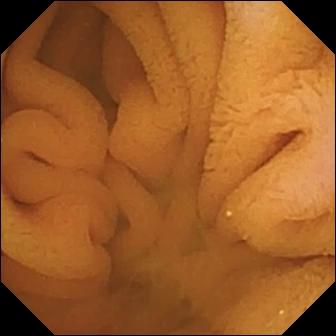WCE snapshot, 336×336. Normal clean mucosa.